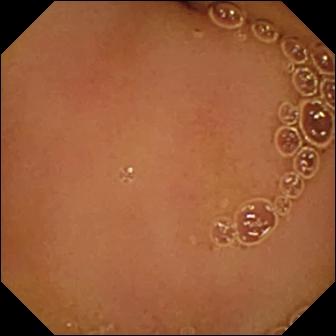Small-bowel capsule endoscopy. Small bowel. Luminal finding. Label: normal clean mucosa.